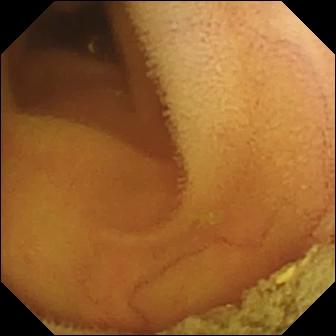Normal clean mucosa.